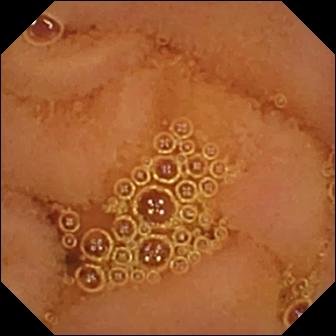{"modality": "capsule endoscopy", "category": "luminal finding", "finding": "normal clean mucosa"}